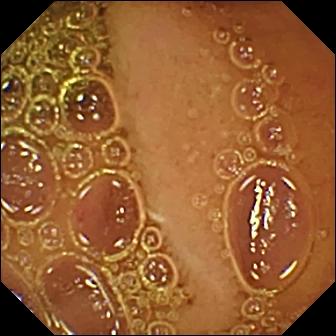- modality: VCE
- category: luminal finding
- impression: normal clean mucosa